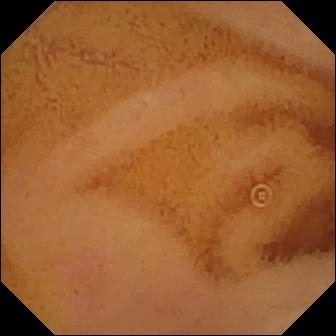Normal clean mucosa.